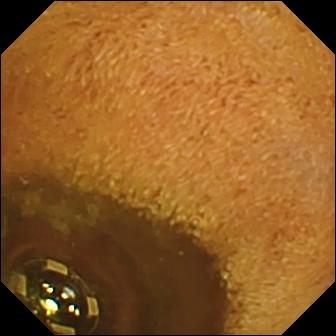- modality: wireless capsule endoscopy
- finding: foreign body (e.g. retained capsule, tablet residue)